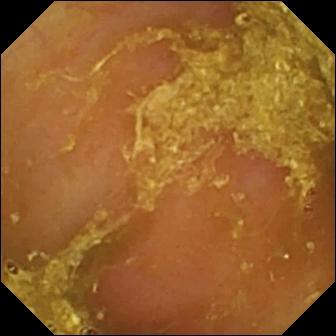Capsule endoscopy — reduced mucosal view (content or bubbles obscuring the mucosa).